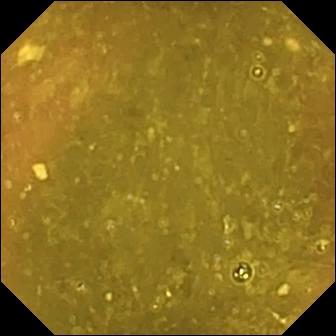modality: WCE; location: ileo-cecal valve region (where the capsule passes from the small bowel into the large bowel)